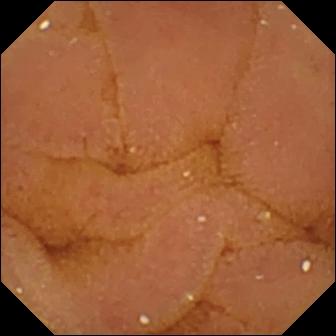This capsule endoscopy frame of the small intestine shows normal clean mucosa.